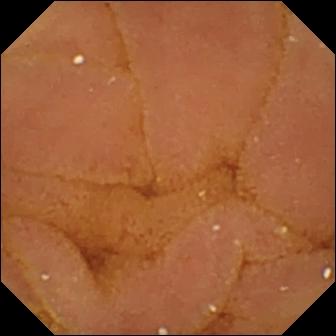Small-bowel capsule endoscopy still of the small bowel showing normal clean mucosa.